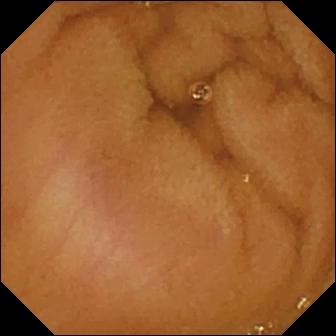WCE. Finding: normal clean mucosa.